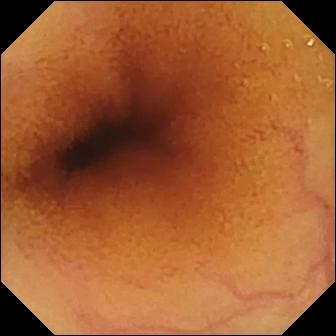Video capsule endoscopy — normal clean mucosa.